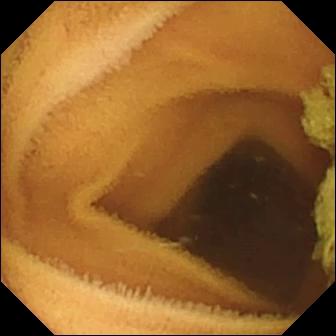PROCEDURE: Small-bowel capsule endoscopy.
FINDINGS: Normal clean mucosa.